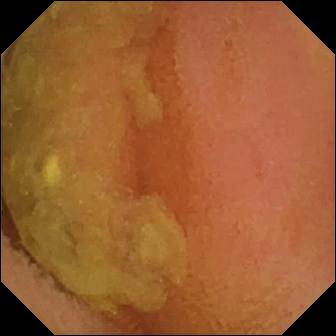Small-bowel capsule endoscopy still
Impression: normal clean mucosa